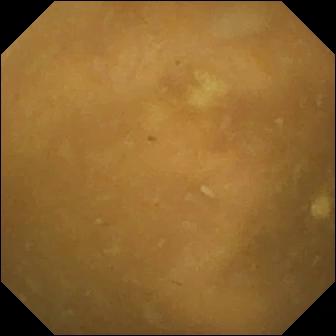- modality: wireless capsule endoscopy
- video segment: ileo-cecal valve region